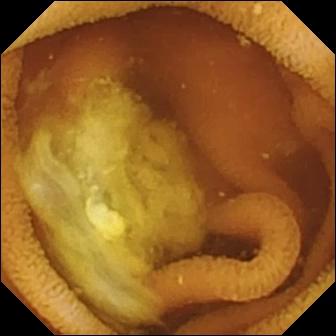WCE still. Normal clean mucosa.